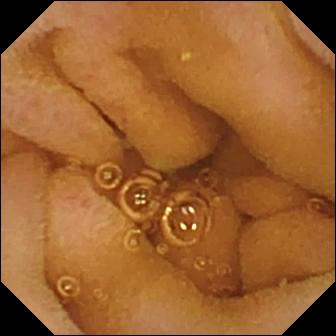Wireless capsule endoscopy view of the small intestine showing normal clean mucosa.